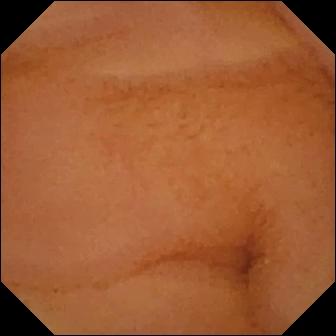Video capsule endoscopy image. Normal clean mucosa.